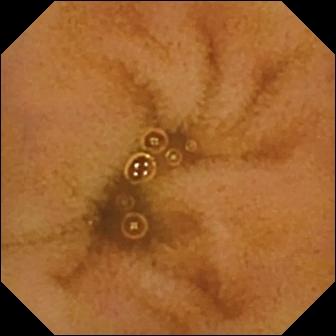Small-bowel capsule endoscopy. Small intestine. Label: normal clean mucosa.